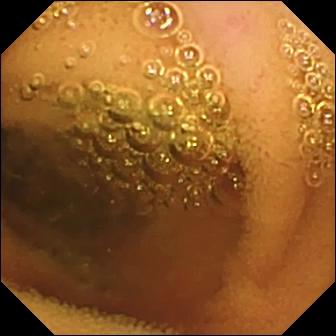Wireless capsule endoscopy — normal clean mucosa.